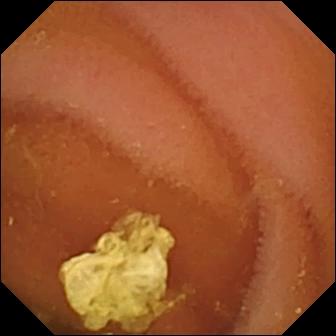Wireless capsule endoscopy still, 336×336. Normal clean mucosa.